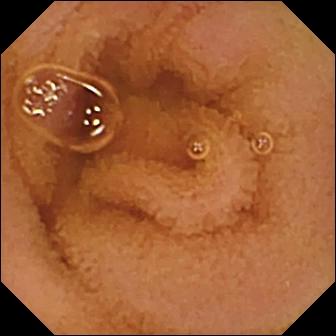Normal clean mucosa — VCE view.